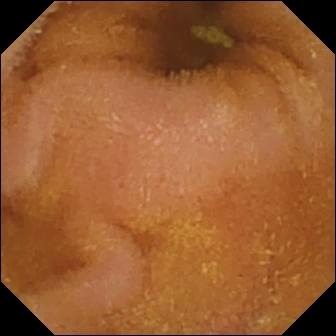Normal clean mucosa — small-bowel capsule endoscopy snapshot.